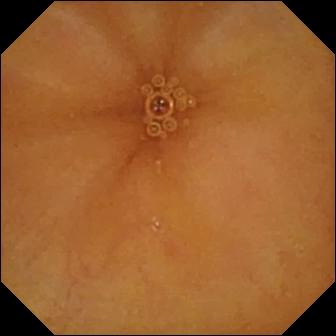Normal clean mucosa — VCE still.